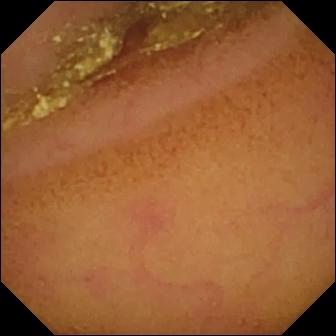This small-bowel capsule endoscopy snapshot of the small intestine shows normal clean mucosa.